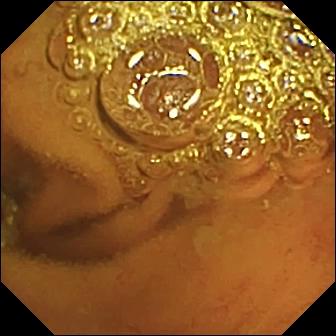Video capsule endoscopy. Luminal finding. Finding: normal clean mucosa.